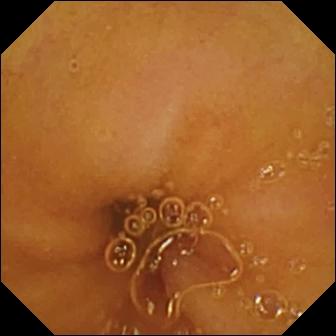Small-bowel capsule endoscopy still showing normal clean mucosa.